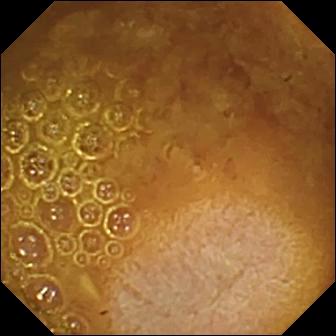- modality: WCE
- finding: reduced mucosal view (content or bubbles obscuring the mucosa)